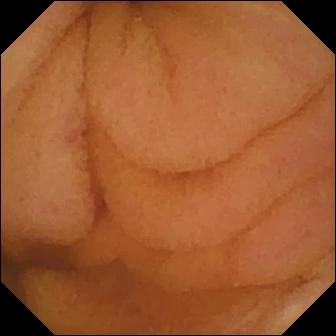Q: What does this capsule endoscopy image of the small intestine show?
A: Normal clean mucosa.